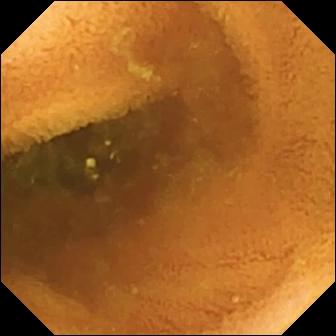This WCE frame of the small bowel shows normal clean mucosa.